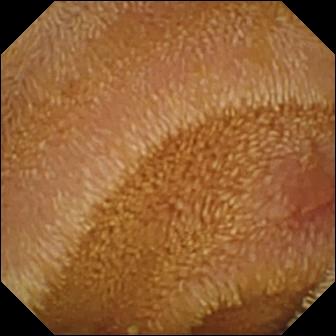Small-bowel capsule endoscopy. Finding: erosion.